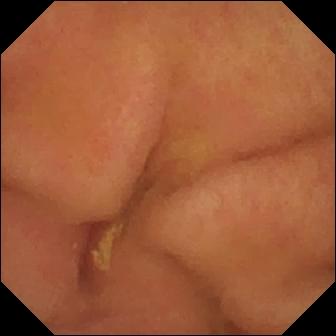Pylorus region (where the capsule passes from the stomach into the small bowel) — small-bowel capsule endoscopy snapshot.